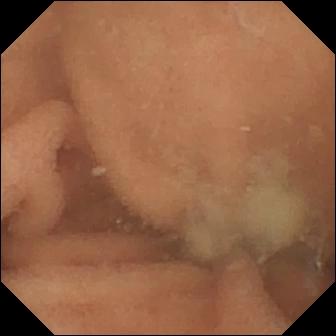Small-bowel capsule endoscopy image showing normal clean mucosa.